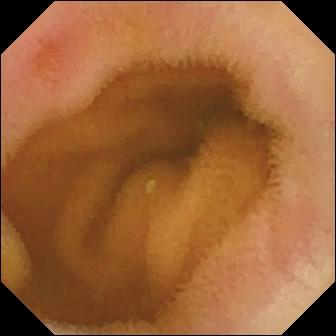WCE. Impression: erythema (mucosal redness).